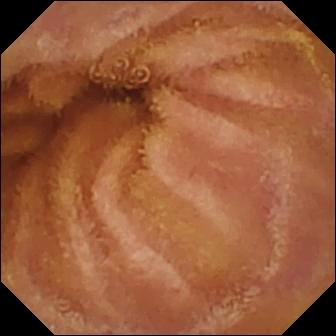{"modality": "VCE", "segment": "small bowel", "finding": "normal clean mucosa"}